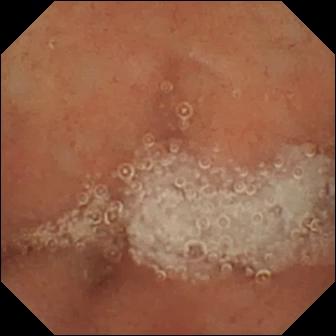modality: WCE
impression: normal clean mucosa